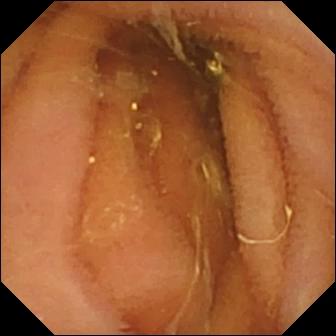Normal clean mucosa.